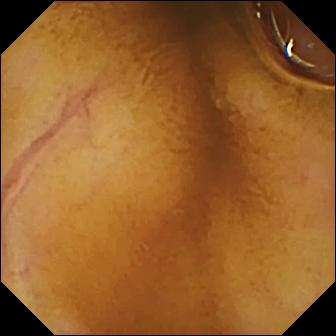VCE still showing normal clean mucosa.